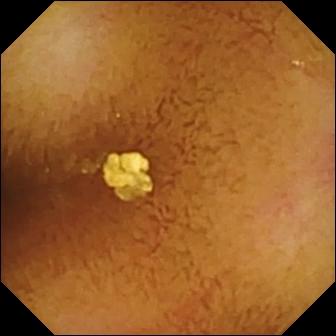Capsule endoscopy view (small intestine). Normal clean mucosa.